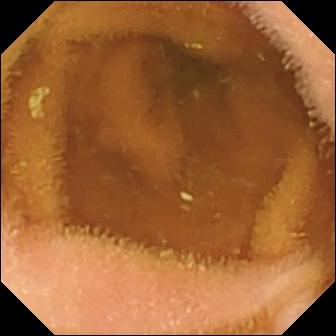PROCEDURE: Video capsule endoscopy.
FINDINGS: Normal clean mucosa.